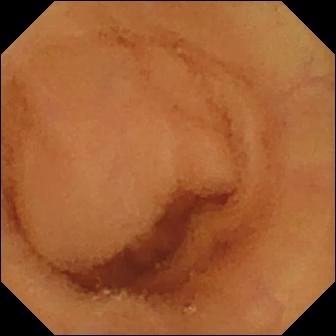Normal clean mucosa — VCE image.